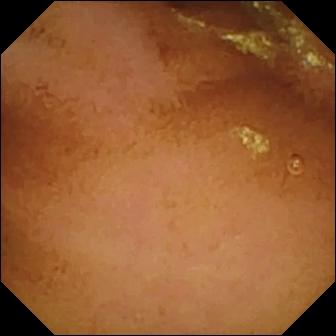WCE snapshot, small intestine
Observation: normal clean mucosa